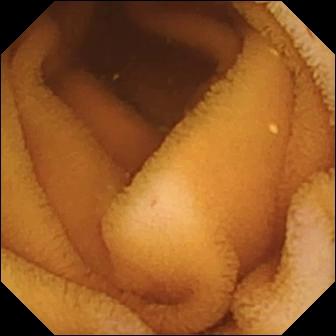Wireless capsule endoscopy still, small bowel
Label: normal clean mucosa